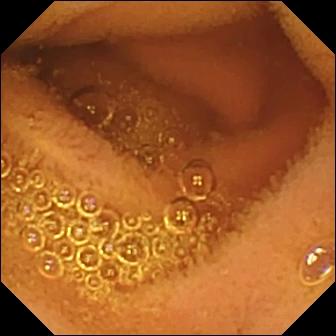PROCEDURE: Capsule endoscopy.
SEGMENT: Small intestine.
FINDINGS: Normal clean mucosa.